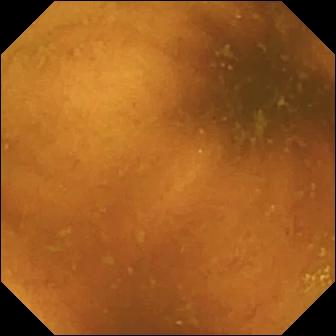This capsule endoscopy frame of the small intestine shows normal clean mucosa.